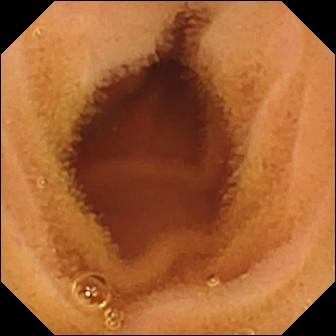Small-bowel capsule endoscopy frame
Observation: normal clean mucosa